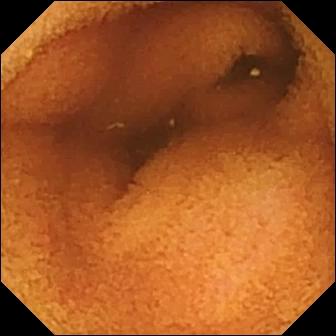Small-bowel capsule endoscopy — normal clean mucosa.